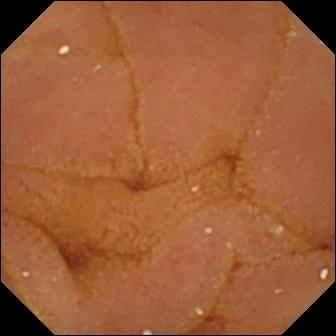Q: What does this small-bowel capsule endoscopy snapshot of the small intestine show?
A: Normal clean mucosa.